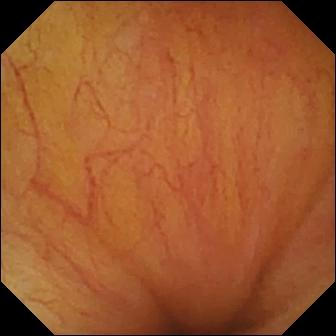Q: Where in the digestive tract was this wireless capsule endoscopy still taken?
A: Ileo-cecal valve region (the transition from the small bowel to the large bowel).